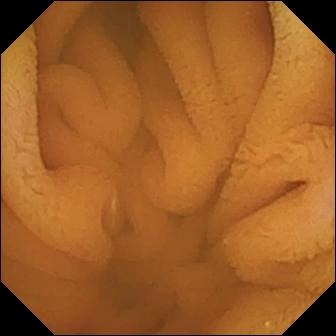This WCE still shows normal clean mucosa.